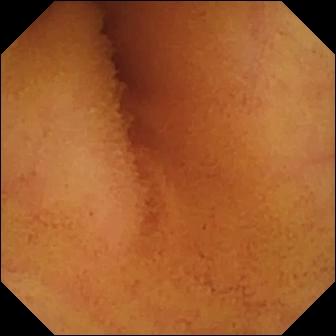- modality: wireless capsule endoscopy
- impression: normal clean mucosa